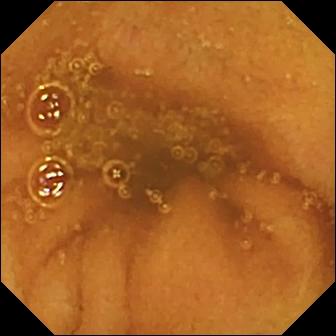WCE — normal clean mucosa.